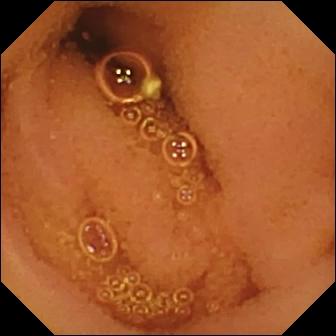{"modality": "capsule endoscopy", "finding": "normal clean mucosa"}